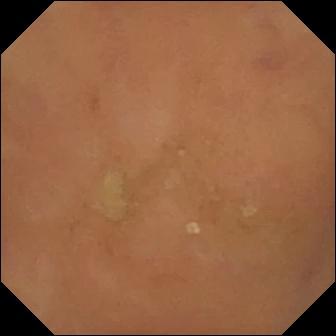Video capsule endoscopy snapshot of the small bowel showing normal clean mucosa.